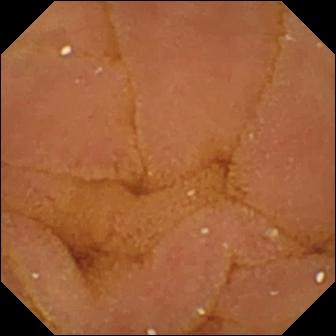PROCEDURE: Capsule endoscopy.
SEGMENT: Small intestine.
FINDINGS: Normal clean mucosa.